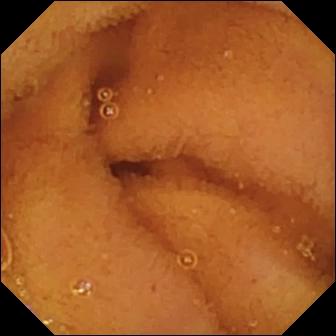Capsule endoscopy view showing normal clean mucosa.